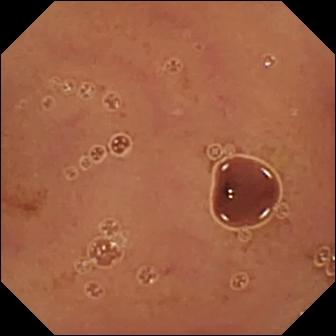modality: small-bowel capsule endoscopy | segment: small intestine | observation: normal clean mucosa